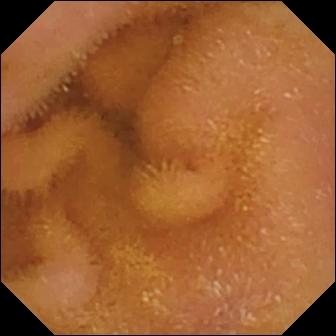PROCEDURE: Video capsule endoscopy.
FINDINGS: Normal clean mucosa.